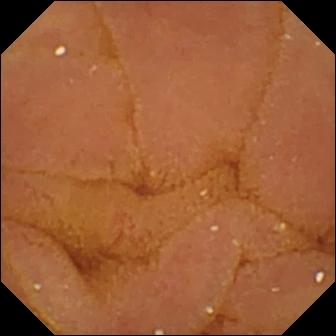Wireless capsule endoscopy — normal clean mucosa.